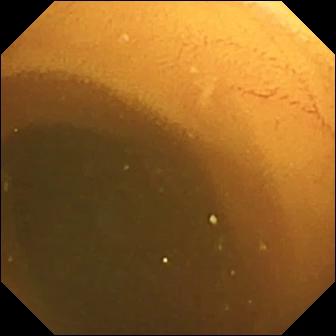{"modality": "WCE", "segment": "small bowel", "finding": "normal clean mucosa"}